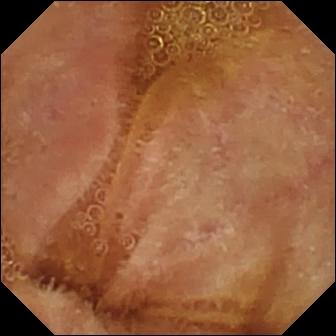This wireless capsule endoscopy snapshot shows normal clean mucosa.